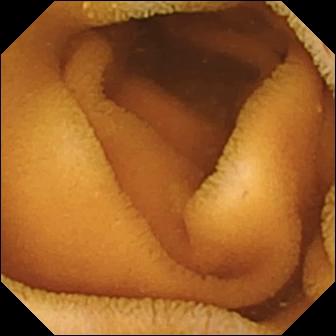Video capsule endoscopy image (small intestine). Normal clean mucosa.